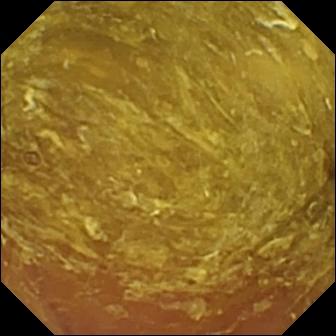Reduced mucosal view (content or bubbles obscuring the mucosa) — WCE view.